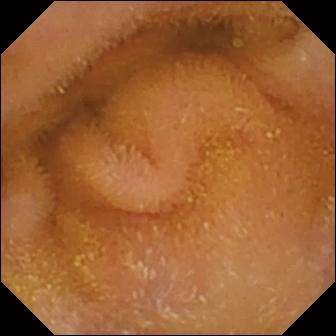Normal clean mucosa.